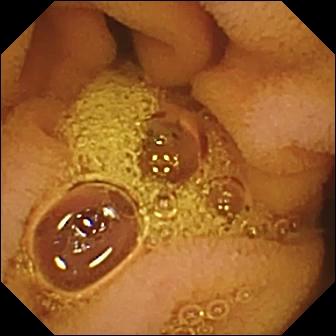Video capsule endoscopy. Small intestine. Label: normal clean mucosa.